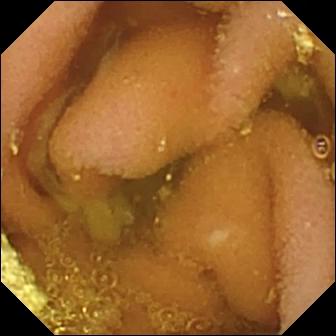VCE snapshot showing lymphangiectasia.